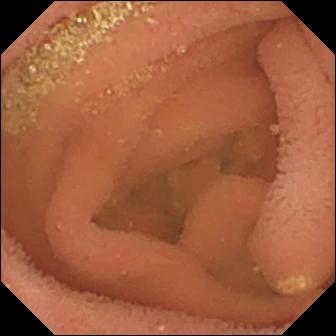Small-bowel capsule endoscopy image showing lymphangiectasia.